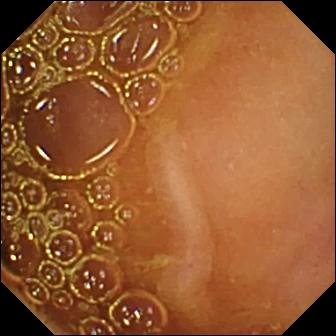This WCE view of the small intestine shows normal clean mucosa.